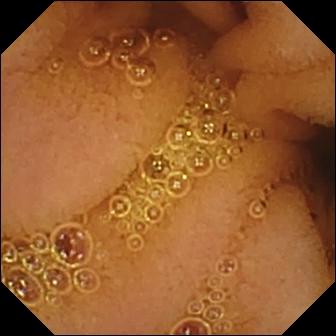PROCEDURE: Video capsule endoscopy.
FINDINGS: Normal clean mucosa.